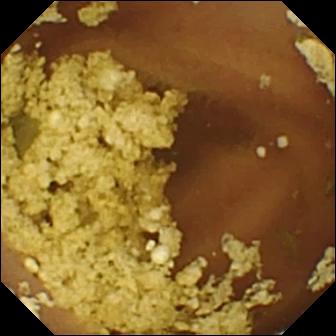modality: VCE; impression: normal clean mucosa